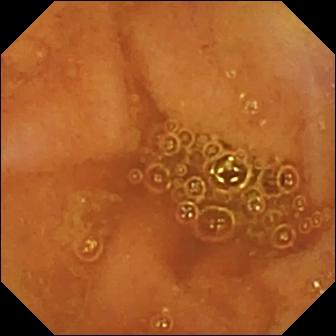Video capsule endoscopy image
Position: ileo-cecal valve region